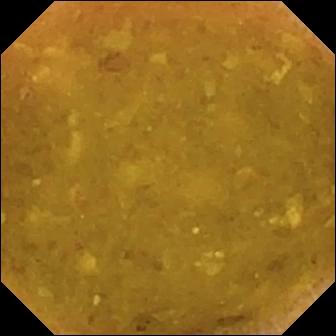Q: What does this small-bowel capsule endoscopy image show?
A: Reduced mucosal view (content or bubbles obscuring the mucosa).